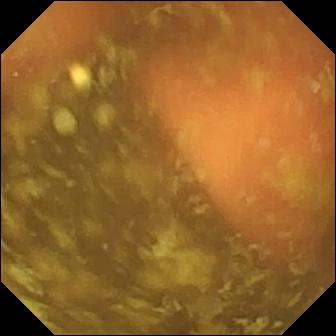PROCEDURE: Video capsule endoscopy.
VIDEO SEGMENT: Ileo-cecal valve region (the transition from the small bowel to the large bowel).